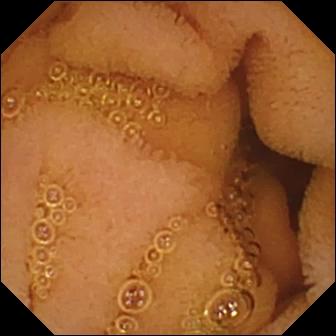Normal clean mucosa (336×336).